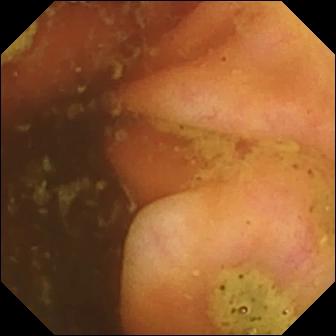Ileo-cecal valve region (where the capsule passes from the small bowel into the large bowel) — wireless capsule endoscopy still.